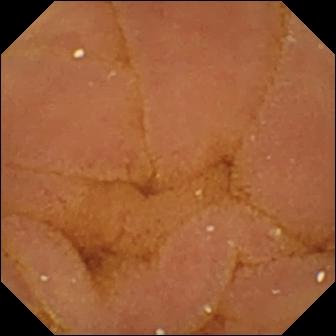VCE — normal clean mucosa.